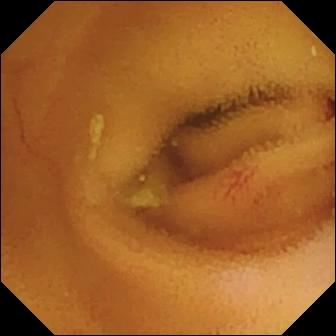modality: WCE; finding: angiectasia